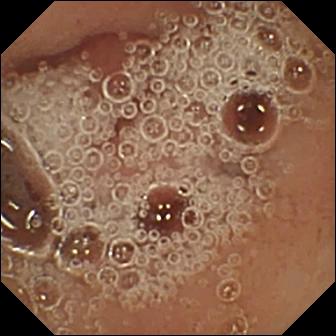PROCEDURE: Small-bowel capsule endoscopy.
LOCATION: Pylorus region (where the capsule passes from the stomach into the small bowel).